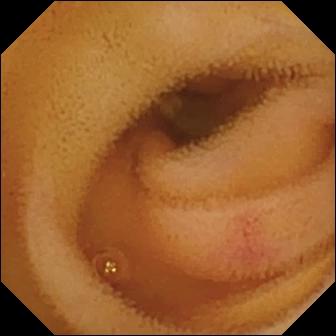{"modality": "WCE", "category": "luminal finding", "finding": "angiectasia"}